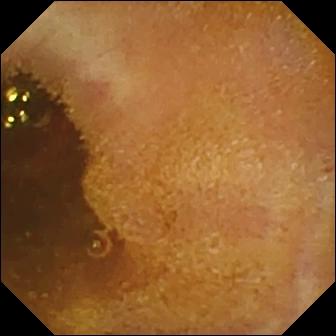modality: WCE | impression: foreign body (e.g. retained capsule, tablet residue)